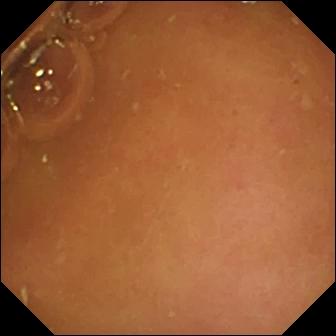Video capsule endoscopy — pylorus region (the junction between the stomach and the small bowel).